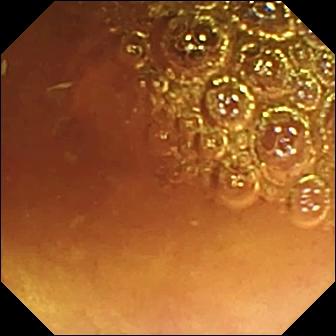Small-bowel capsule endoscopy. Observation: normal clean mucosa.